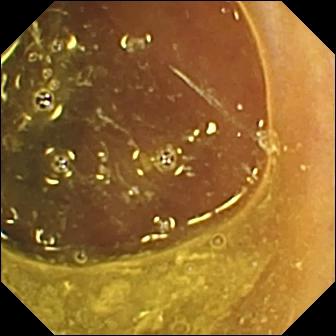This WCE frame was taken in the ileo-cecal valve region.